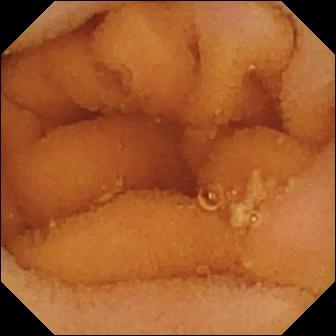WCE still of the small bowel showing normal clean mucosa.